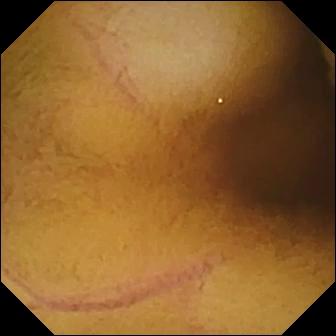- modality: wireless capsule endoscopy
- segment: small bowel
- observation: normal clean mucosa